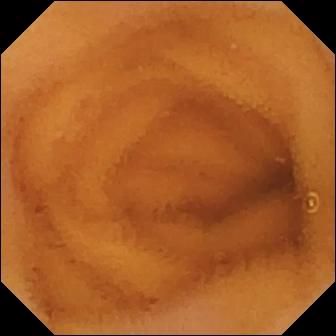modality: small-bowel capsule endoscopy; observation: normal clean mucosa